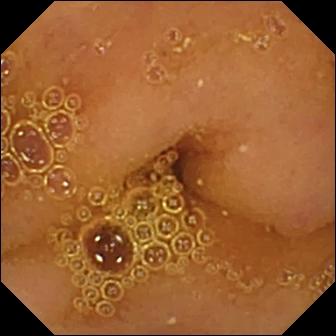Video capsule endoscopy frame. Normal clean mucosa.